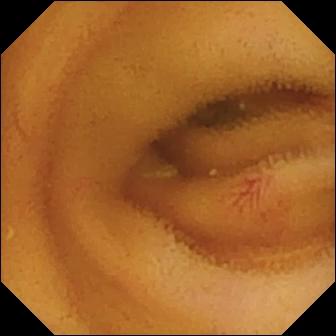Q: What does this WCE snapshot show?
A: Angiectasia.